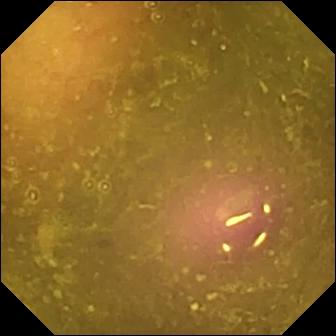VCE frame (small intestine), 336×336. Reduced mucosal view (content or bubbles obscuring the mucosa).